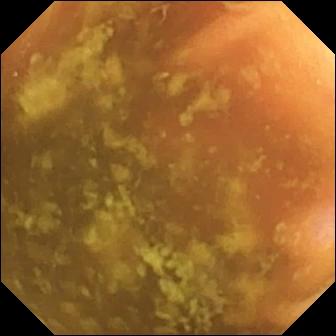Q: Where in the digestive tract was this video capsule endoscopy snapshot taken?
A: Ileo-cecal valve region.